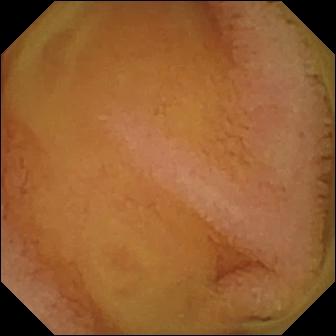Capsule endoscopy snapshot (small bowel). Normal clean mucosa.